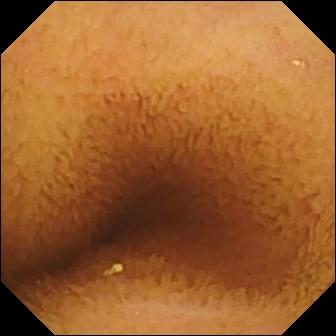modality: WCE | finding: normal clean mucosa